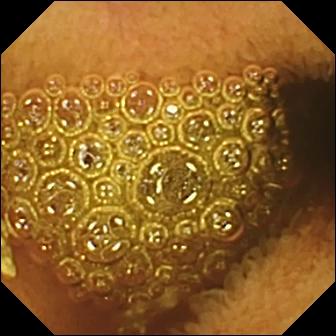VCE image showing reduced mucosal view (content or bubbles obscuring the mucosa).